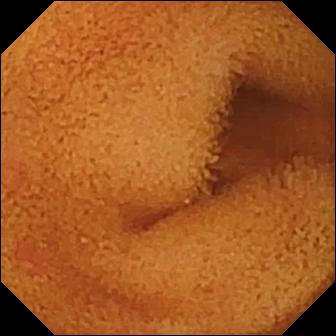WCE — normal clean mucosa.